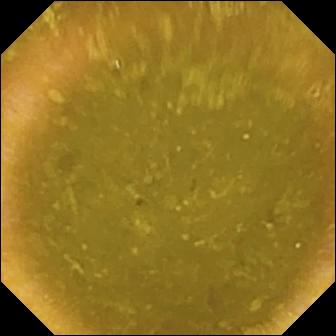Small-bowel capsule endoscopy still
Position: ileo-cecal valve region (where the capsule passes from the small bowel into the large bowel)